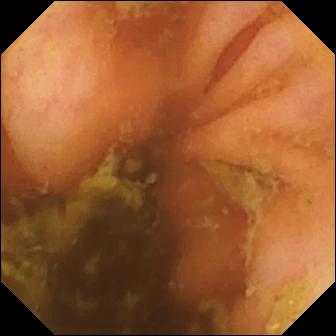- modality: video capsule endoscopy
- location: ileo-cecal valve region